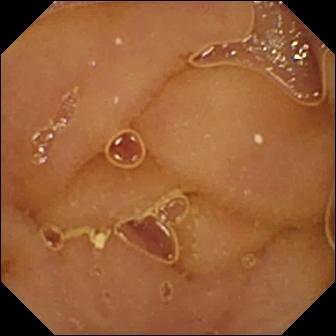Q: What does this VCE view of the small bowel show?
A: Normal clean mucosa.